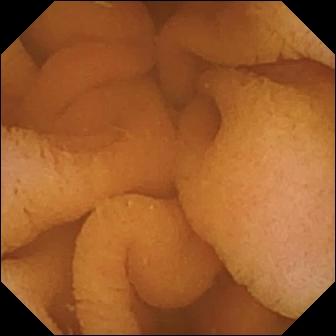Small-bowel capsule endoscopy frame (small bowel). Normal clean mucosa.